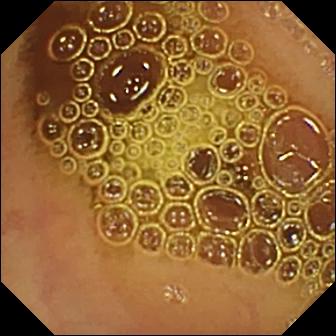Q: What does this video capsule endoscopy snapshot of the small intestine show?
A: Normal clean mucosa.